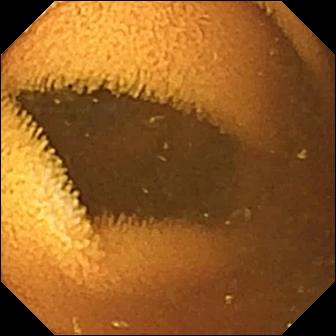WCE. Small intestine. Impression: normal clean mucosa.